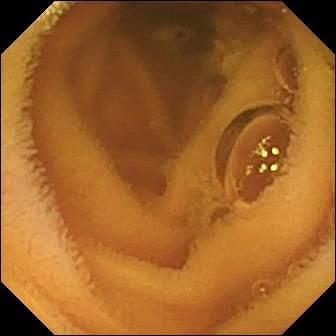Wireless capsule endoscopy — normal clean mucosa.